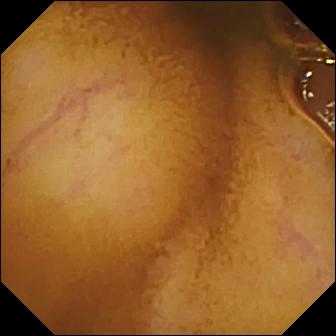This video capsule endoscopy frame shows normal clean mucosa.